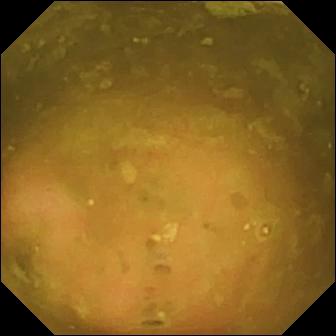Wireless capsule endoscopy image taken in the ileo-cecal valve region.